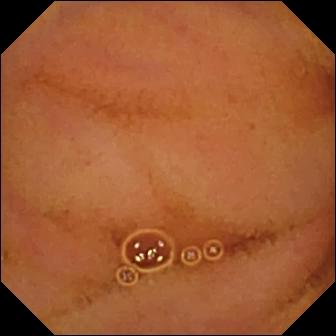Capsule endoscopy — normal clean mucosa.